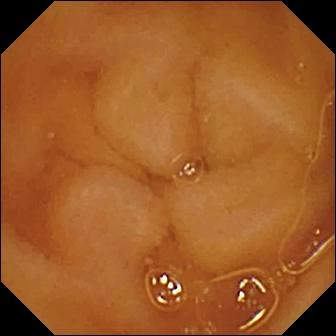Video capsule endoscopy still, 336×336. Normal clean mucosa.